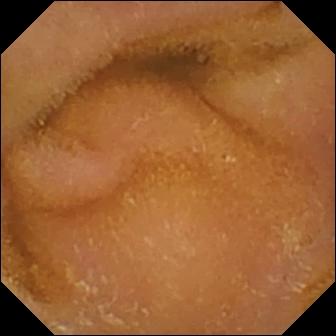Wireless capsule endoscopy image, small intestine
Label: normal clean mucosa